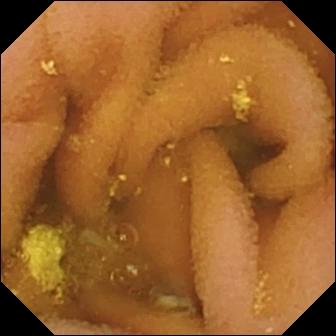Video capsule endoscopy — lymphangiectasia.